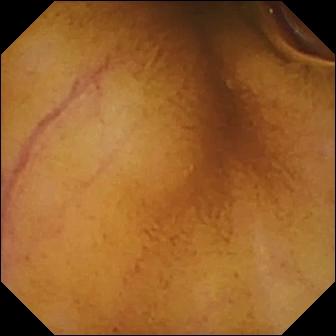Normal clean mucosa — capsule endoscopy frame of the small intestine.